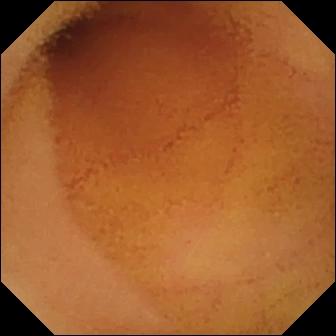Video capsule endoscopy snapshot
Observation: normal clean mucosa